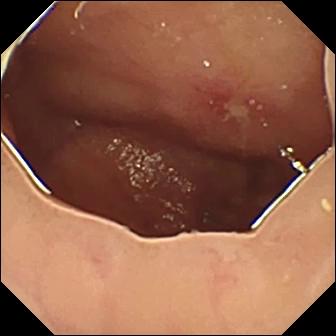Small-bowel capsule endoscopy snapshot, 336×336. Ulcer.